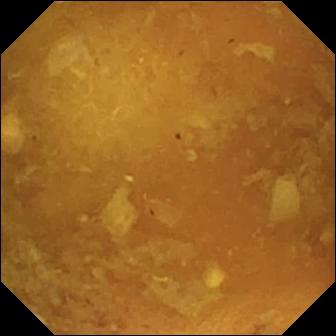modality: wireless capsule endoscopy | observation: reduced mucosal view (content or bubbles obscuring the mucosa)